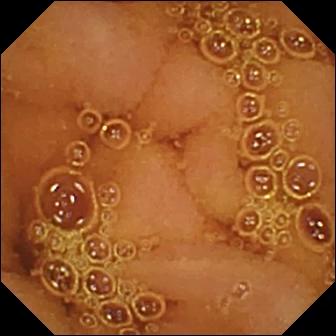Normal clean mucosa.